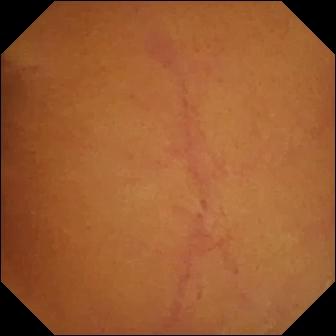This video capsule endoscopy snapshot shows normal clean mucosa.